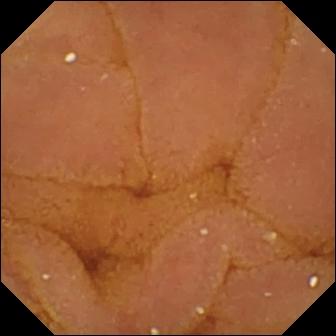Small-bowel capsule endoscopy view showing normal clean mucosa.